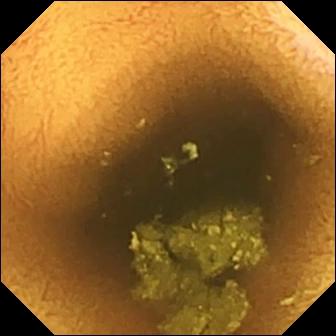{"modality": "wireless capsule endoscopy", "segment": "small intestine", "finding": "normal clean mucosa"}